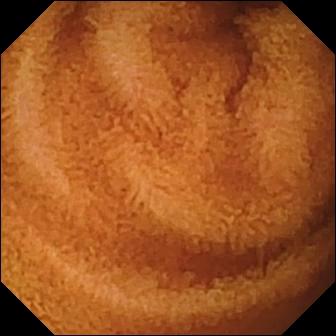- modality: video capsule endoscopy
- impression: normal clean mucosa